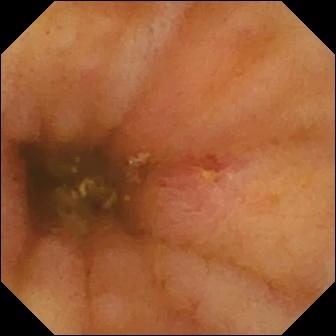This VCE still shows ulcer.